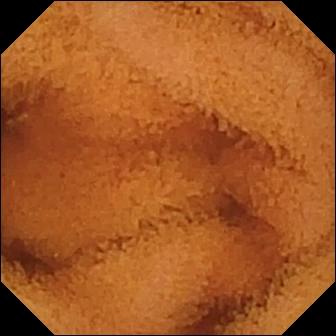- modality: WCE
- category: luminal finding
- impression: normal clean mucosa